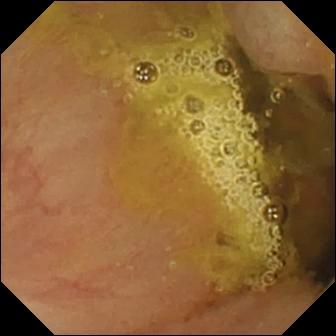Capsule endoscopy view taken in the ileo-cecal valve region (where the capsule passes from the small bowel into the large bowel).